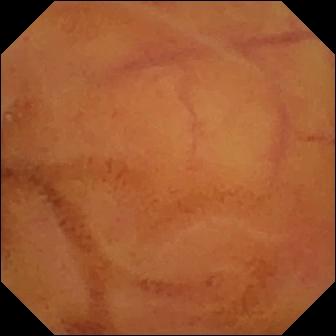Normal clean mucosa — small-bowel capsule endoscopy frame.